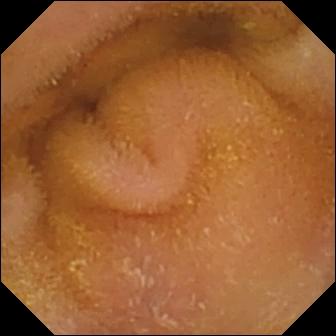Normal clean mucosa.